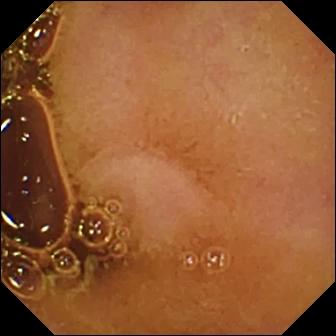PROCEDURE: Small-bowel capsule endoscopy.
FINDINGS: Normal clean mucosa.